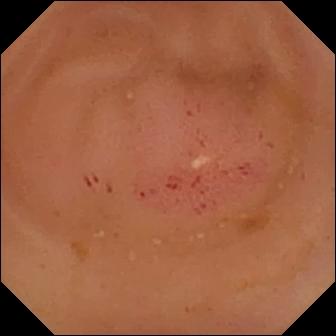Small-bowel capsule endoscopy snapshot showing erythema (mucosal redness).